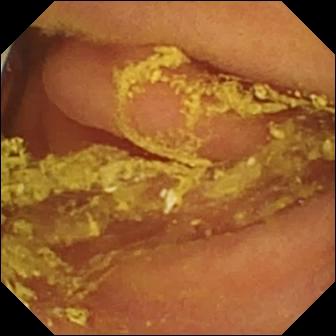WCE — foreign body (e.g. retained capsule, tablet residue).